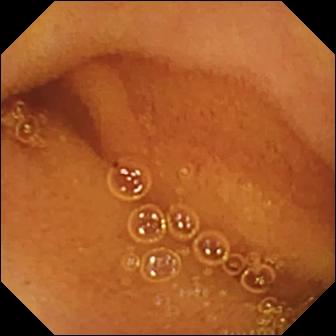WCE view, small intestine
Observation: normal clean mucosa